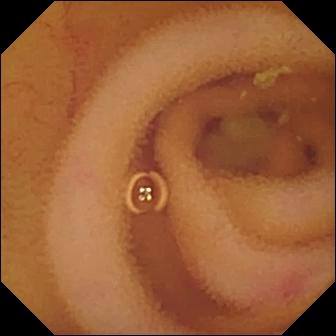VCE snapshot showing angiectasia.